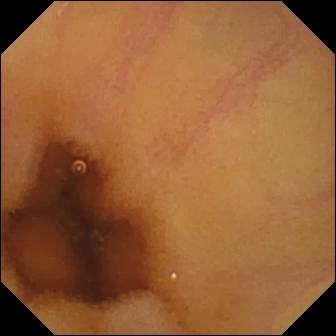VCE. Label: normal clean mucosa.